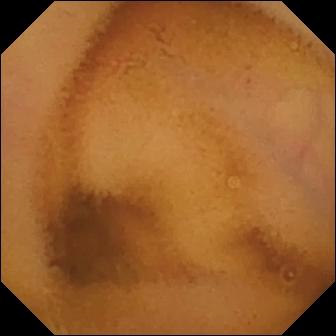{"modality": "capsule endoscopy", "segment": "small bowel", "finding": "normal clean mucosa"}